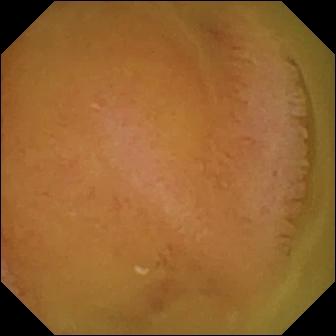PROCEDURE: Video capsule endoscopy.
SEGMENT: Small intestine.
FINDINGS: Normal clean mucosa.